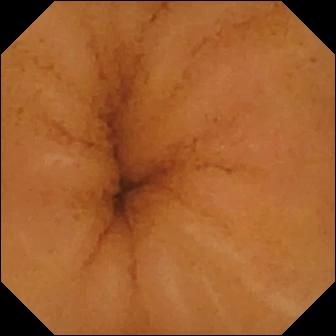VCE image, small bowel
Observation: normal clean mucosa